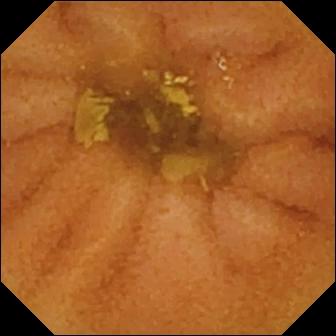modality: small-bowel capsule endoscopy
segment: small bowel
observation: normal clean mucosa